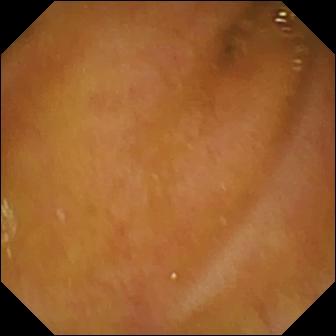Capsule endoscopy snapshot, 336×336. Taken in the ileo-cecal valve region (the transition from the small bowel to the large bowel).